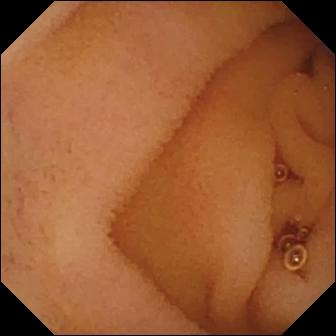Capsule endoscopy — normal clean mucosa.